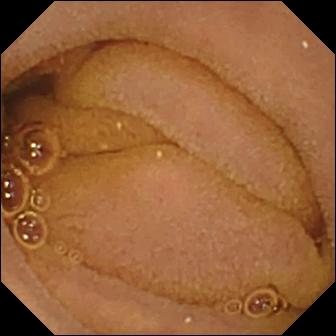{"modality": "capsule endoscopy", "segment": "small bowel", "category": "luminal finding", "finding": "normal clean mucosa"}